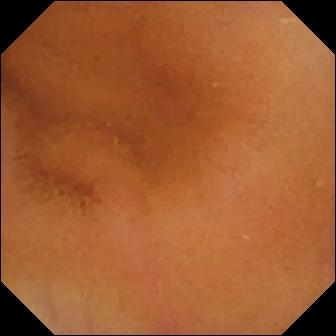WCE still, 336×336. Normal clean mucosa.